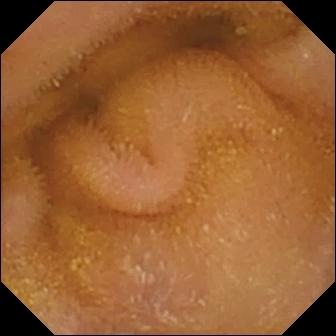This capsule endoscopy still shows normal clean mucosa.